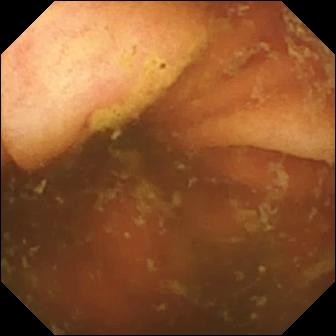Capsule endoscopy frame. Taken in the ileo-cecal valve region.